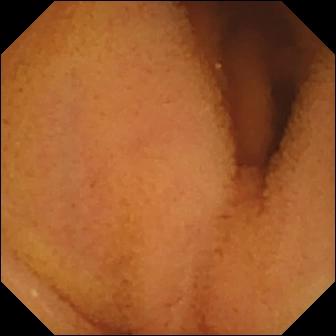Video capsule endoscopy snapshot, small bowel
Impression: normal clean mucosa